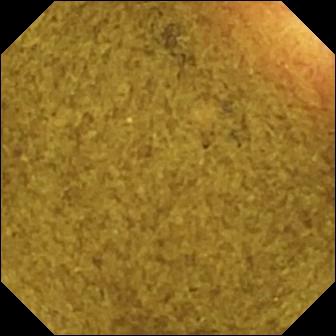This wireless capsule endoscopy snapshot was taken in the ileo-cecal valve region (where the capsule passes from the small bowel into the large bowel).